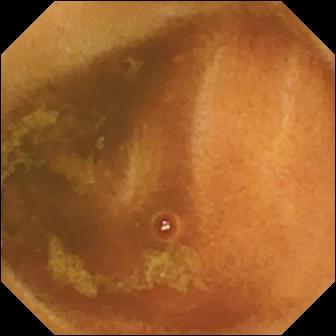Normal clean mucosa.